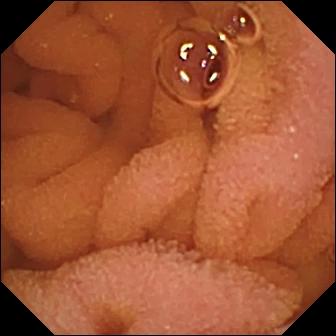PROCEDURE: Video capsule endoscopy.
FINDINGS: Normal clean mucosa.